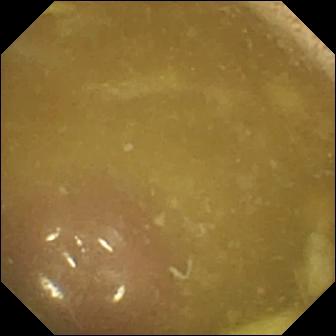Small-bowel capsule endoscopy snapshot. Taken in the ileo-cecal valve region.